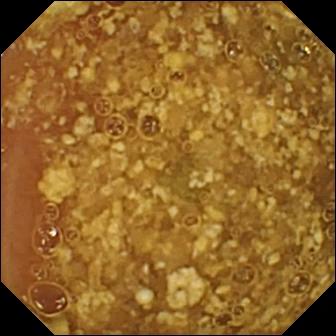Q: What does this WCE frame show?
A: Reduced mucosal view (content or bubbles obscuring the mucosa).